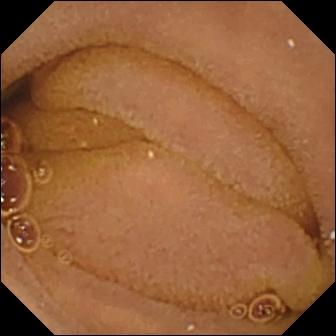Small-bowel capsule endoscopy. Small bowel. Observation: normal clean mucosa.